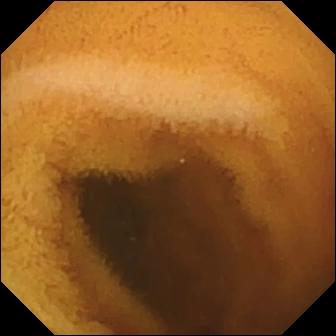Wireless capsule endoscopy — normal clean mucosa.